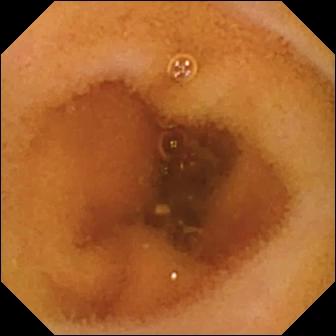This capsule endoscopy image of the small bowel shows normal clean mucosa.